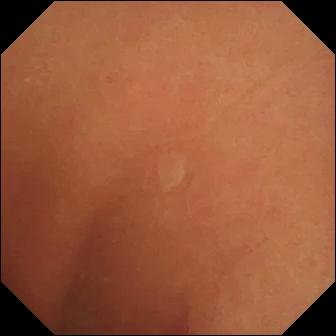Capsule endoscopy snapshot. Normal clean mucosa.